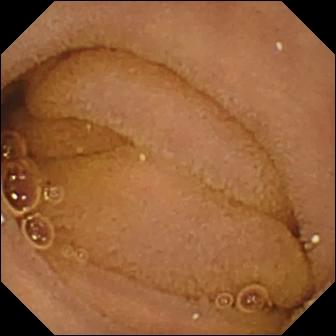Normal clean mucosa — VCE still.